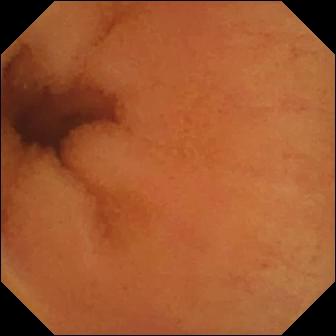{"modality": "WCE", "segment": "small bowel", "finding": "normal clean mucosa"}